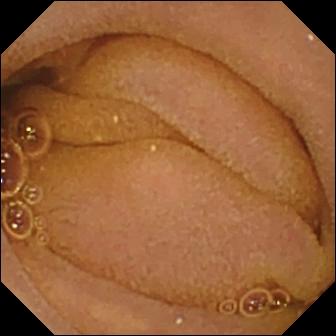PROCEDURE: WCE.
FINDINGS: Normal clean mucosa.